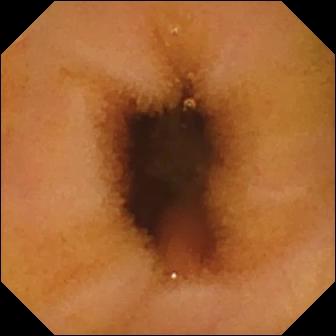modality: small-bowel capsule endoscopy | segment: small bowel | impression: normal clean mucosa